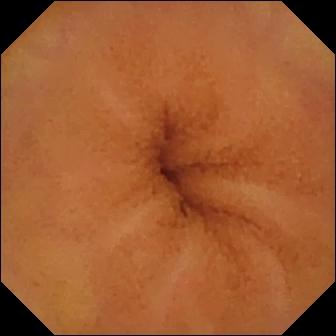VCE. Impression: normal clean mucosa.